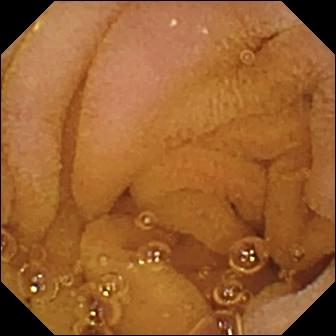Video capsule endoscopy — normal clean mucosa.